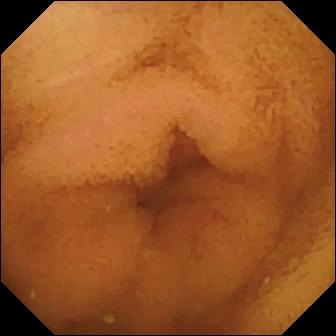This video capsule endoscopy snapshot shows normal clean mucosa.